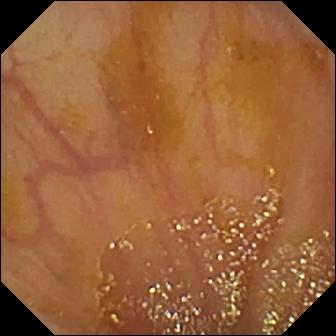Q: Where in the digestive tract was this WCE image taken?
A: Ileo-cecal valve region (the transition from the small bowel to the large bowel).